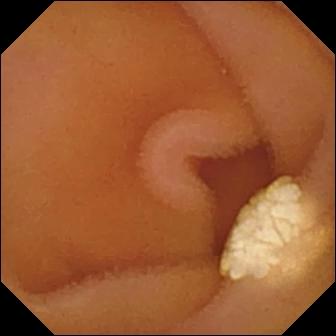Q: What does this small-bowel capsule endoscopy view show?
A: Lymphangiectasia.